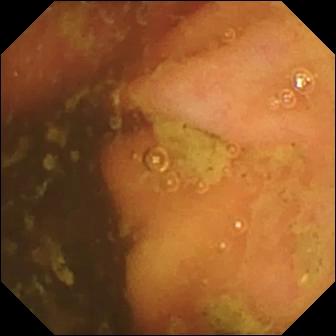{"modality": "WCE", "category": "anatomical landmark", "position": "ileo-cecal valve region (the transition from the small bowel to the large bowel)"}